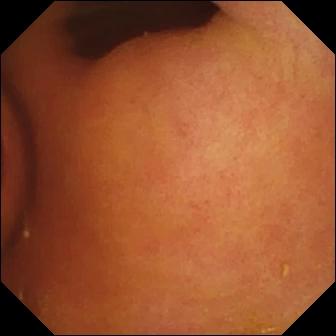- modality: small-bowel capsule endoscopy
- category: luminal finding
- observation: foreign body (e.g. retained capsule, tablet residue)